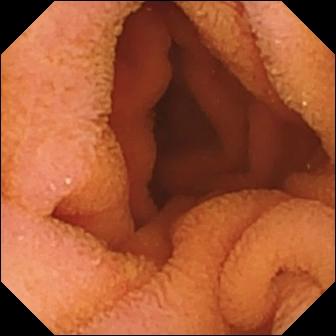Normal clean mucosa — VCE view.